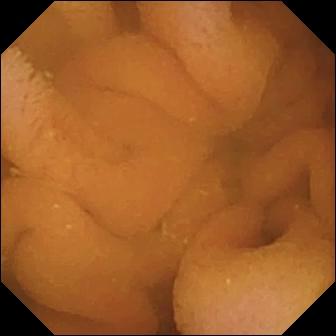modality: VCE | category: luminal finding | impression: normal clean mucosa